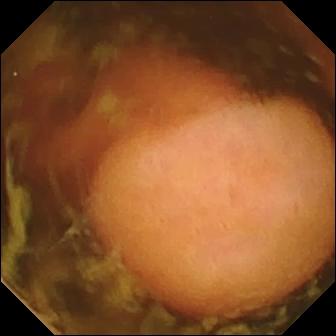Capsule endoscopy image showing polyp.